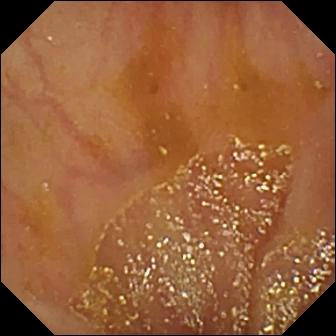- modality: WCE
- video segment: ileo-cecal valve region (where the capsule passes from the small bowel into the large bowel)